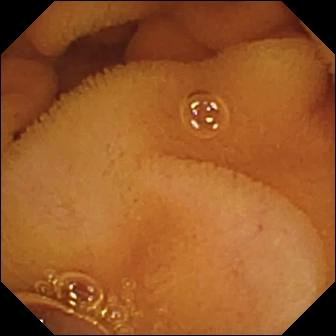Small-bowel capsule endoscopy — normal clean mucosa.